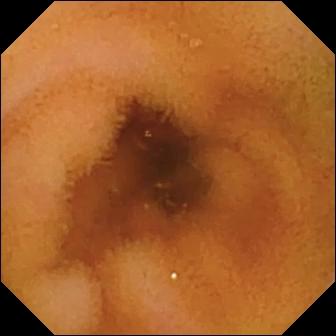- modality: WCE
- category: luminal finding
- label: normal clean mucosa